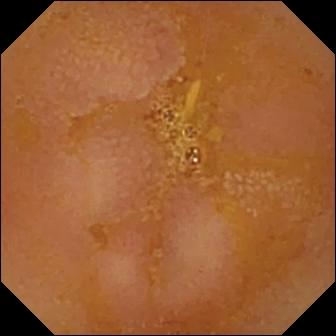Small-bowel capsule endoscopy frame, small bowel
Impression: reduced mucosal view (content or bubbles obscuring the mucosa)